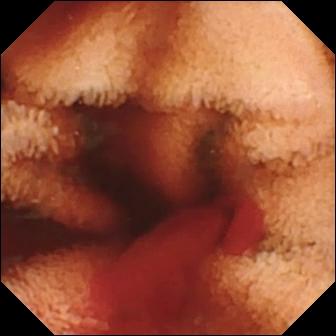- modality: small-bowel capsule endoscopy
- label: fresh blood in the lumen